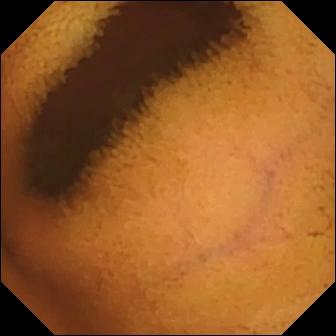Normal clean mucosa — small-bowel capsule endoscopy frame.